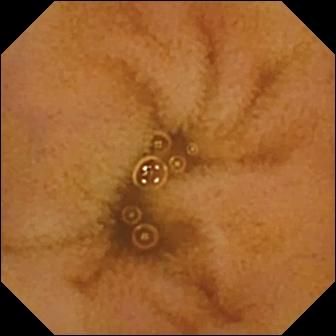PROCEDURE: Small-bowel capsule endoscopy.
FINDINGS: Normal clean mucosa.